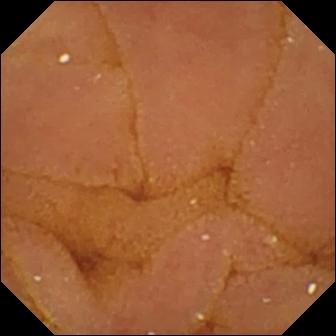Q: What does this small-bowel capsule endoscopy view of the small intestine show?
A: Normal clean mucosa.